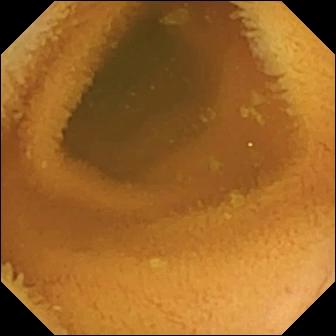- modality: WCE
- category: luminal finding
- finding: normal clean mucosa